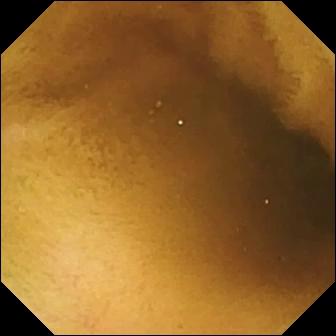PROCEDURE: Capsule endoscopy.
FINDINGS: Normal clean mucosa.